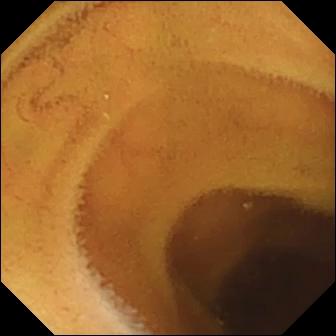{"modality": "video capsule endoscopy", "segment": "small intestine", "finding": "normal clean mucosa"}